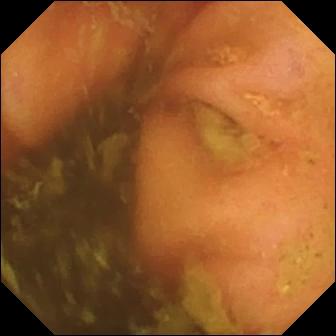modality: video capsule endoscopy | video segment: ileo-cecal valve region (the transition from the small bowel to the large bowel)